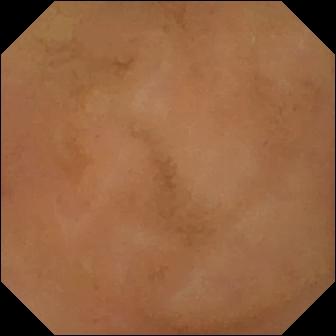{"modality": "video capsule endoscopy", "category": "luminal finding", "finding": "normal clean mucosa"}